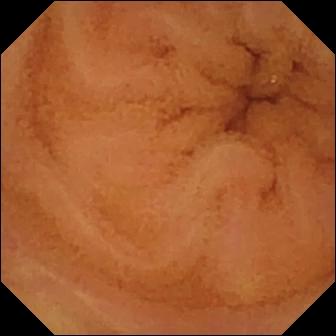VCE. Small bowel. Label: normal clean mucosa.